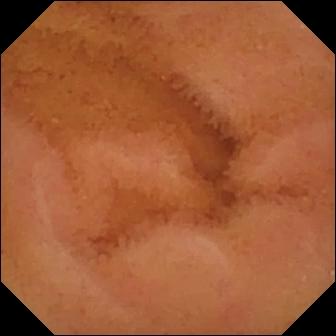Small-bowel capsule endoscopy view (small intestine). Normal clean mucosa.